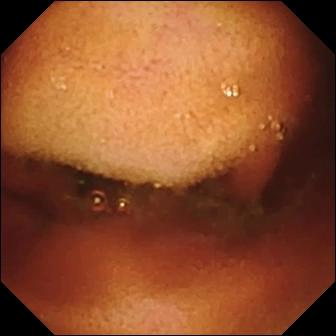- modality: small-bowel capsule endoscopy
- position: ileo-cecal valve region (where the capsule passes from the small bowel into the large bowel)